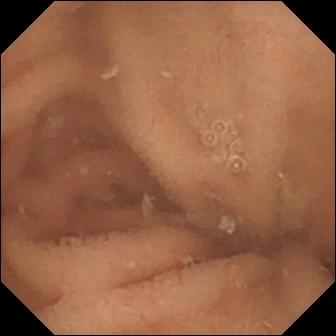{"modality": "video capsule endoscopy", "segment": "small intestine", "category": "luminal finding", "finding": "normal clean mucosa"}